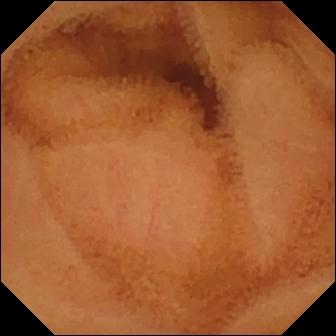{"modality": "VCE", "segment": "small intestine", "category": "luminal finding", "finding": "normal clean mucosa"}